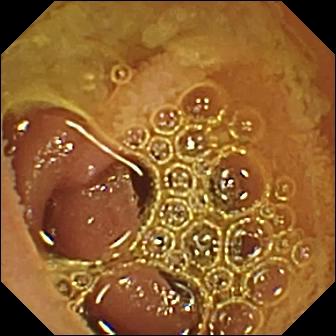Capsule endoscopy view showing normal clean mucosa.